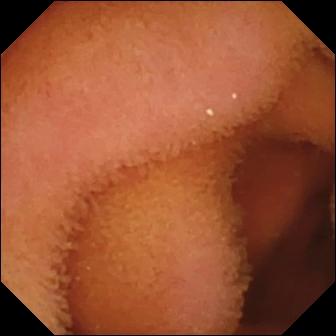Video capsule endoscopy view of the small bowel showing normal clean mucosa.